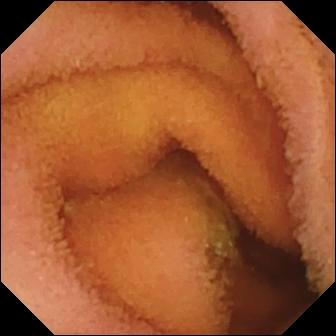Normal clean mucosa.